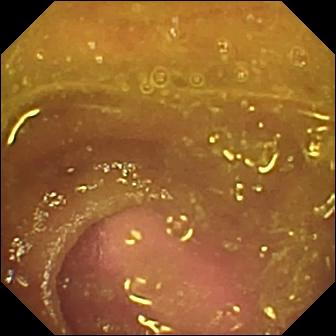- modality: WCE
- segment: small intestine
- category: luminal finding
- label: reduced mucosal view (content or bubbles obscuring the mucosa)